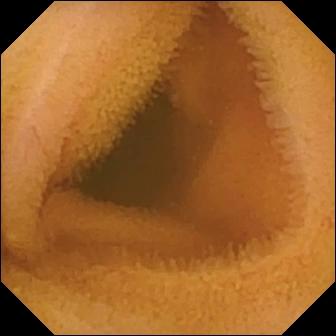Normal clean mucosa — wireless capsule endoscopy frame of the small bowel.